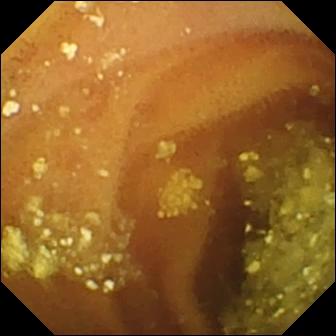VCE. Luminal finding. Impression: lymphangiectasia.